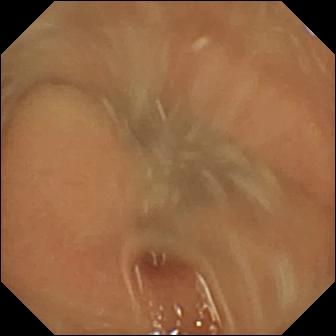PROCEDURE: WCE.
SEGMENT: Small bowel.
FINDINGS: Normal clean mucosa.